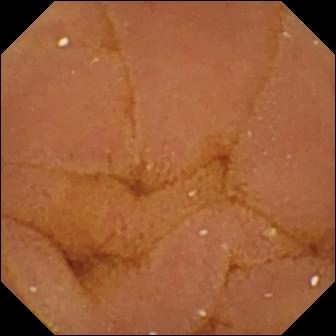Normal clean mucosa.